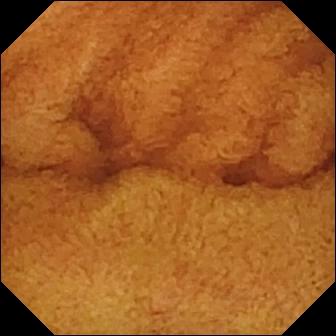- modality: small-bowel capsule endoscopy
- label: normal clean mucosa